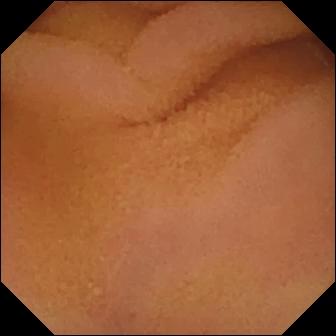Video capsule endoscopy view. Normal clean mucosa.